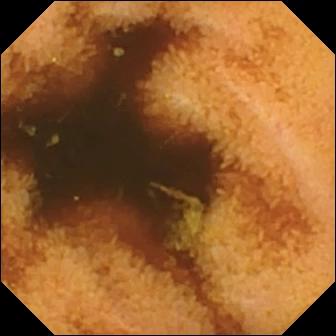WCE — normal clean mucosa.